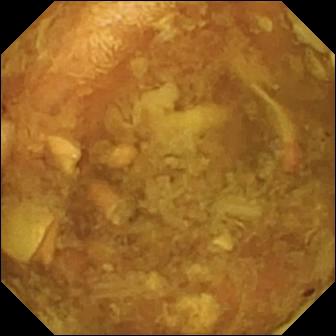Capsule endoscopy view of the small bowel showing reduced mucosal view (content or bubbles obscuring the mucosa).